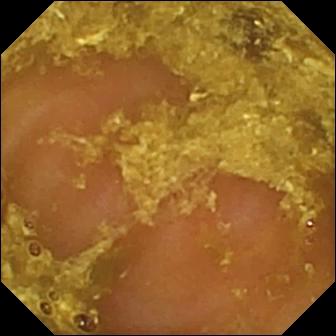Reduced mucosal view (content or bubbles obscuring the mucosa).